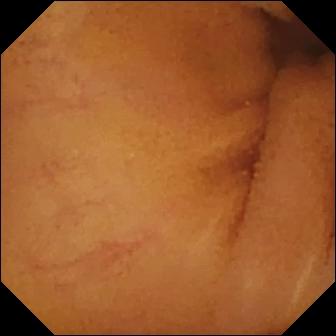modality: wireless capsule endoscopy | category: luminal finding | label: normal clean mucosa